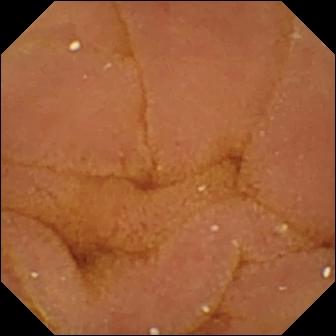WCE. Finding: normal clean mucosa.